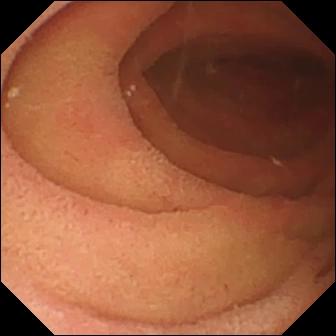WCE. Near an anatomical landmark. Position: pylorus region (the junction between the stomach and the small bowel).